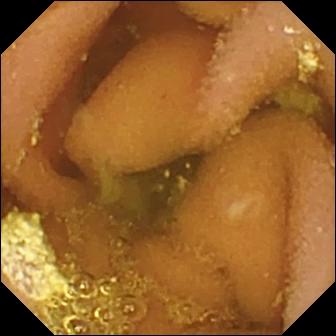Lymphangiectasia.